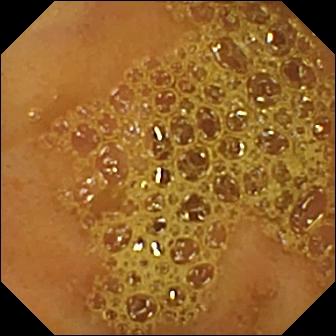Capsule endoscopy snapshot
Position: ileo-cecal valve region (where the capsule passes from the small bowel into the large bowel)